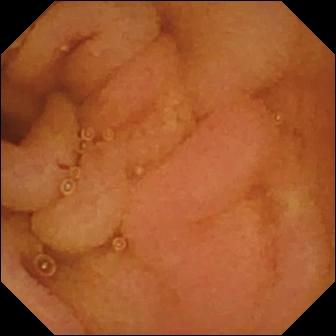This VCE view shows normal clean mucosa.